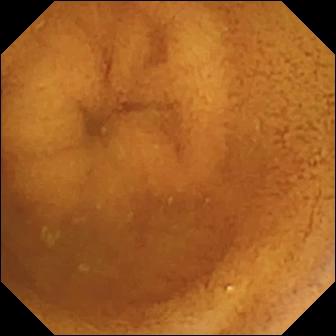- modality: wireless capsule endoscopy
- segment: small bowel
- category: luminal finding
- observation: normal clean mucosa